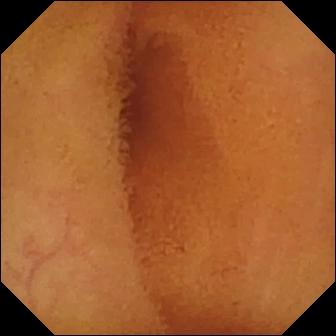Q: What does this wireless capsule endoscopy snapshot show?
A: Normal clean mucosa.